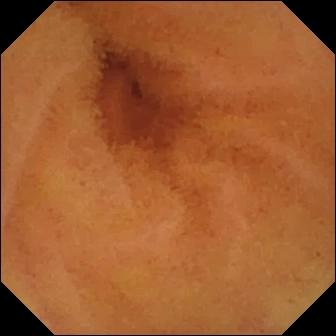Video capsule endoscopy snapshot. Normal clean mucosa.